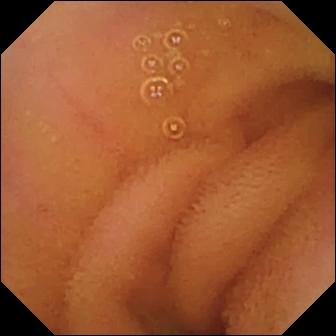Normal clean mucosa.